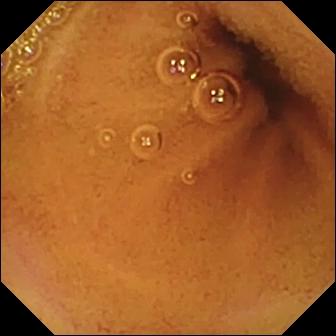Capsule endoscopy view (small bowel). Normal clean mucosa.